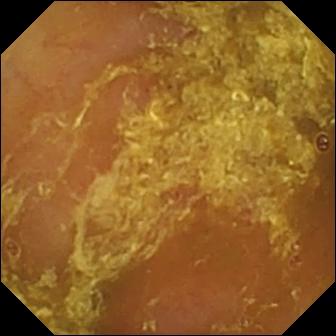Capsule endoscopy image
Finding: reduced mucosal view (content or bubbles obscuring the mucosa)